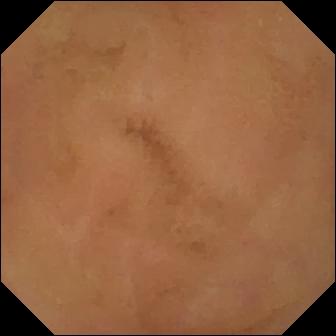- modality: VCE
- segment: small intestine
- finding: normal clean mucosa